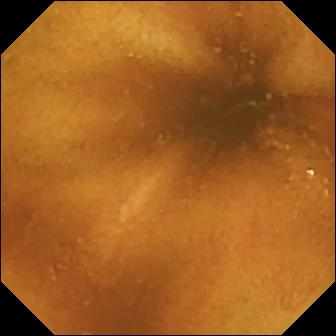{"modality": "capsule endoscopy", "segment": "small intestine", "category": "luminal finding", "finding": "normal clean mucosa"}